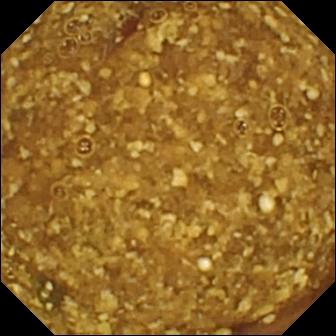VCE image (small intestine), 336×336. Reduced mucosal view (content or bubbles obscuring the mucosa).